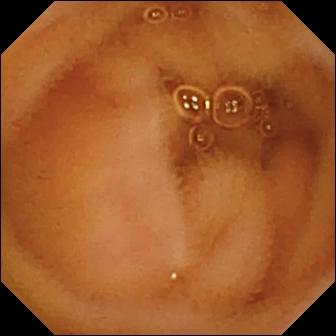Q: What does this WCE frame show?
A: Normal clean mucosa.